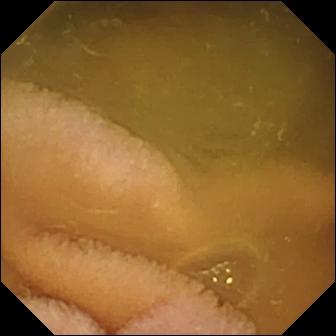Q: What does this capsule endoscopy view show?
A: Normal clean mucosa.